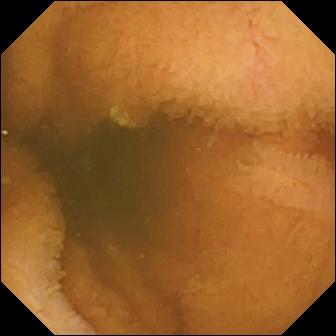{"modality": "capsule endoscopy", "finding": "normal clean mucosa"}